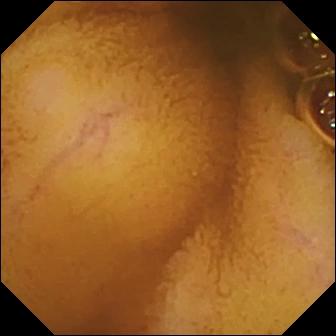Wireless capsule endoscopy. Luminal finding. Observation: normal clean mucosa.